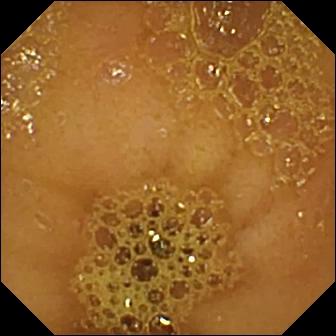WCE. Position: ileo-cecal valve region.